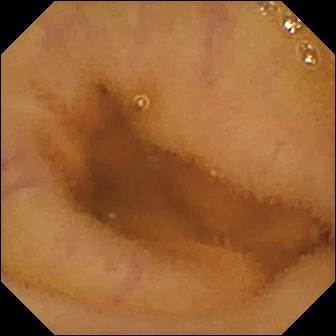Normal clean mucosa.